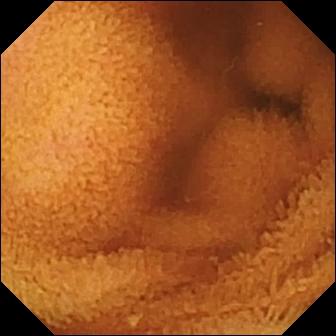Wireless capsule endoscopy image. Normal clean mucosa.